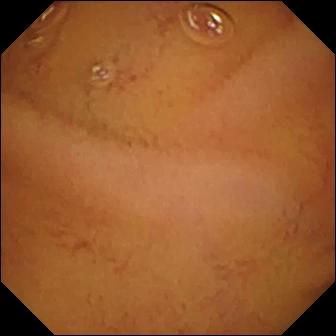Normal clean mucosa — video capsule endoscopy view.